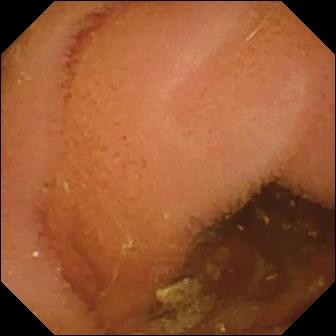Normal clean mucosa.